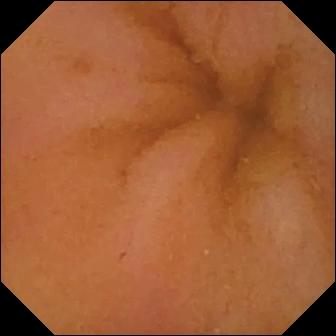{"modality": "capsule endoscopy", "finding": "normal clean mucosa"}